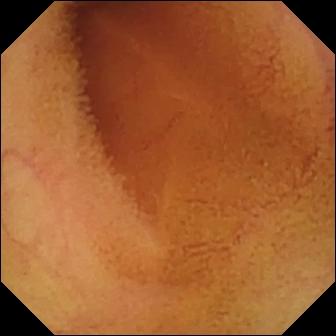{"modality": "small-bowel capsule endoscopy", "finding": "normal clean mucosa"}